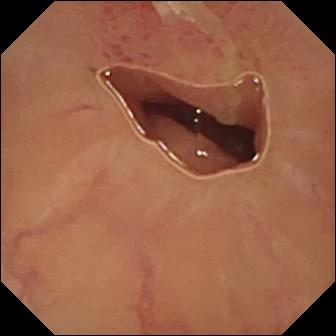Q: What does this wireless capsule endoscopy image show?
A: Ulcer.